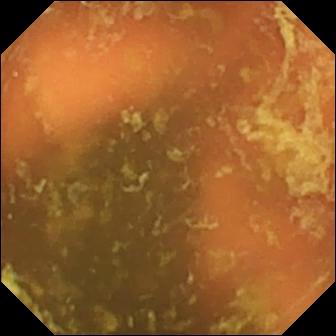WCE still
Label: ileo-cecal valve region (where the capsule passes from the small bowel into the large bowel)